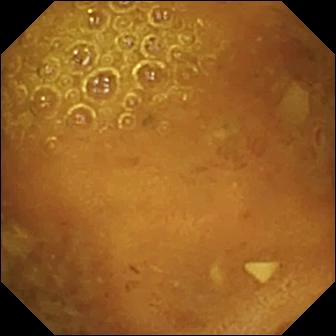Capsule endoscopy. Label: reduced mucosal view (content or bubbles obscuring the mucosa).